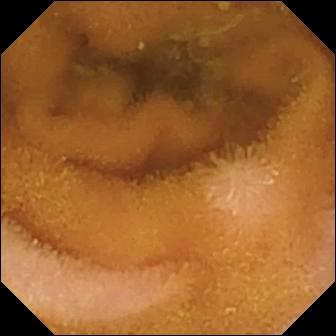Q: What does this capsule endoscopy image show?
A: Normal clean mucosa.